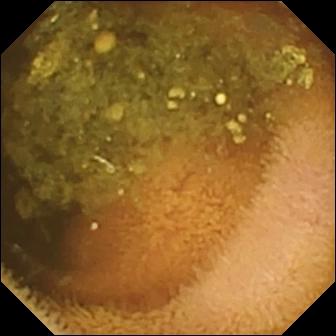WCE still (small intestine). Reduced mucosal view (content or bubbles obscuring the mucosa).